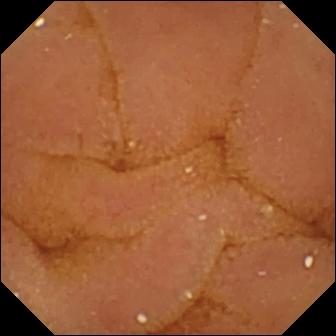This capsule endoscopy snapshot of the small bowel shows normal clean mucosa.